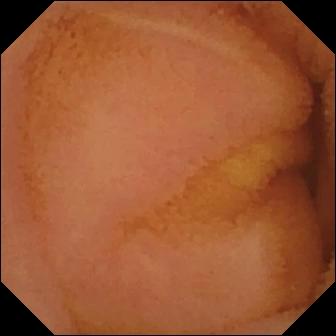Q: What does this wireless capsule endoscopy snapshot of the small bowel show?
A: Normal clean mucosa.